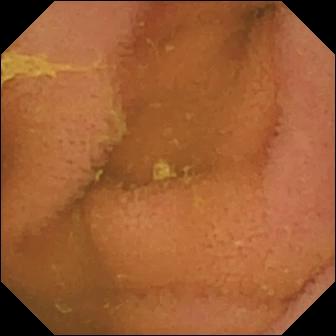Small-bowel capsule endoscopy — normal clean mucosa.